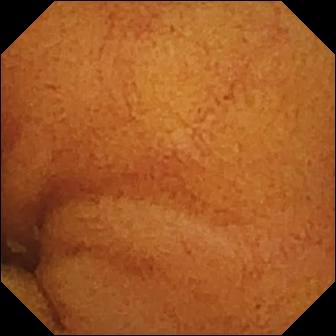Normal clean mucosa.